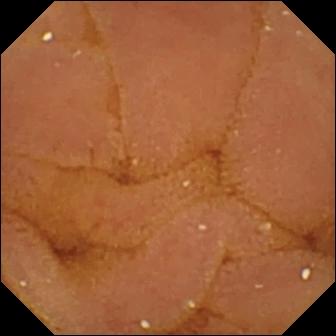Capsule endoscopy still of the small intestine showing normal clean mucosa.